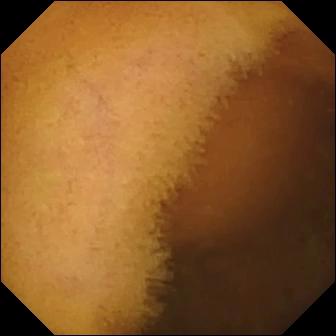Normal clean mucosa — VCE snapshot of the small intestine.